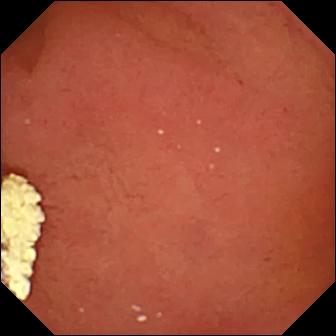Pylorus region — WCE snapshot.